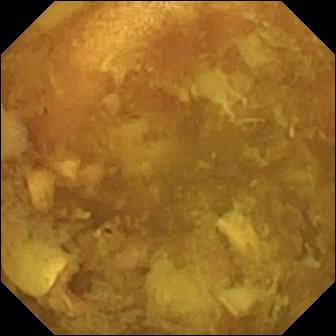- modality: small-bowel capsule endoscopy
- segment: small intestine
- category: luminal finding
- observation: reduced mucosal view (content or bubbles obscuring the mucosa)